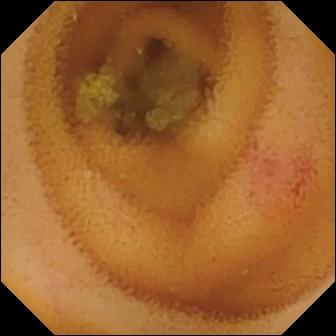WCE still. Angiectasia.